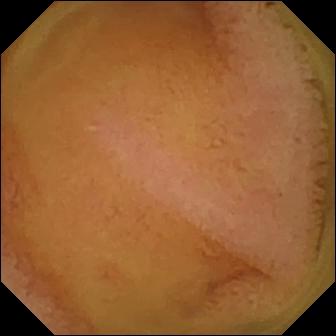modality: WCE | impression: normal clean mucosa